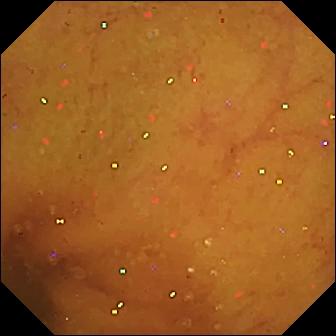Video capsule endoscopy. Small bowel. Label: normal clean mucosa.